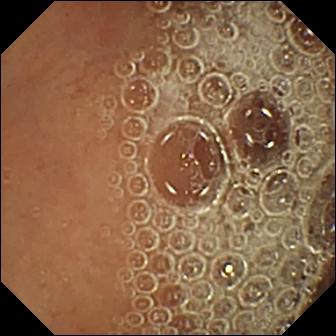Small-bowel capsule endoscopy image showing normal clean mucosa.